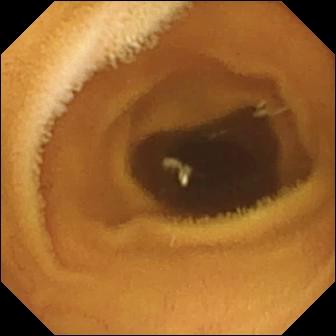Normal clean mucosa (336×336).